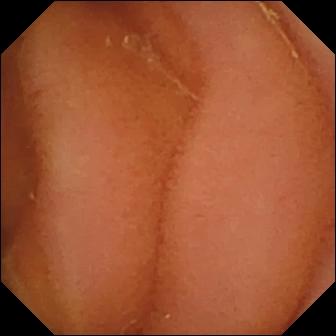Video capsule endoscopy image showing normal clean mucosa.